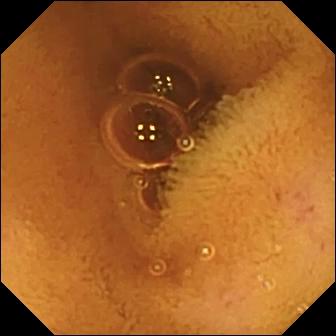This video capsule endoscopy view of the small bowel shows normal clean mucosa.